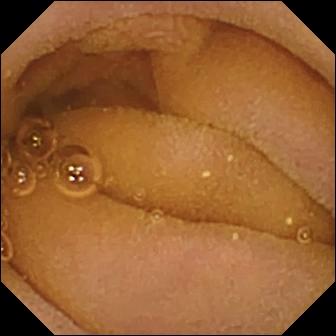{"modality": "VCE", "segment": "small intestine", "category": "luminal finding", "finding": "normal clean mucosa"}